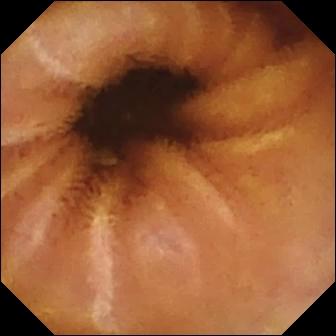Wireless capsule endoscopy — normal clean mucosa.